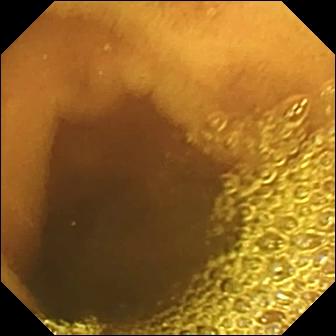Normal clean mucosa — video capsule endoscopy snapshot.